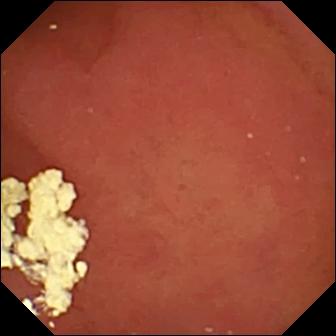Capsule endoscopy snapshot
Position: pylorus region (where the capsule passes from the stomach into the small bowel)